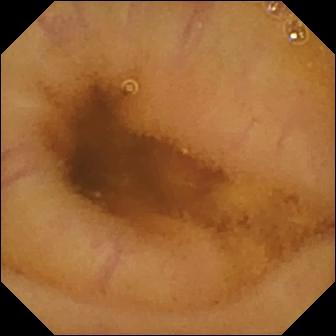Video capsule endoscopy still (small intestine), 336×336. Normal clean mucosa.